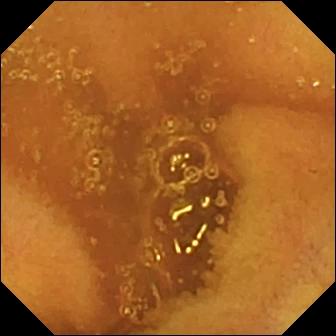VCE frame
Label: normal clean mucosa